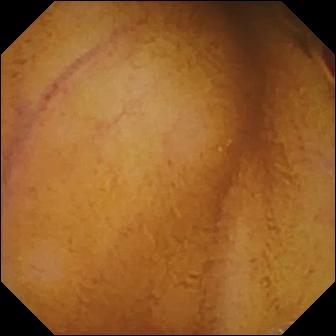- modality: small-bowel capsule endoscopy
- category: luminal finding
- label: normal clean mucosa